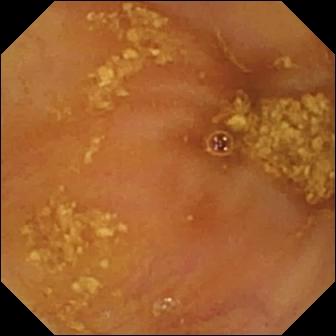Video capsule endoscopy image
Label: ileo-cecal valve region (where the capsule passes from the small bowel into the large bowel)